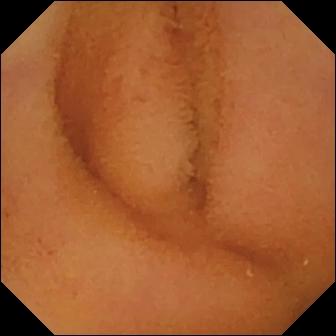modality: capsule endoscopy
impression: normal clean mucosa